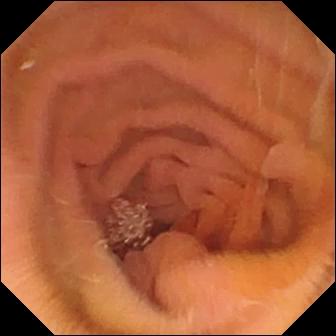This video capsule endoscopy snapshot was taken in the pylorus region.